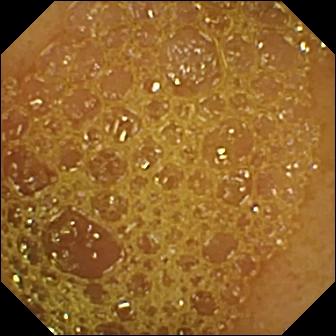This VCE view was taken in the ileo-cecal valve region (where the capsule passes from the small bowel into the large bowel).